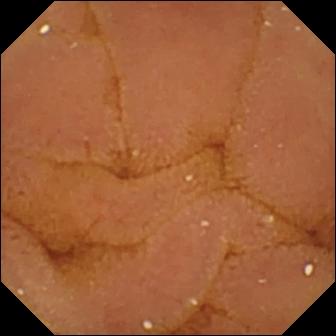Capsule endoscopy frame showing normal clean mucosa.